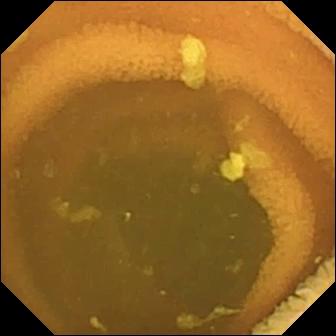This wireless capsule endoscopy image shows normal clean mucosa.